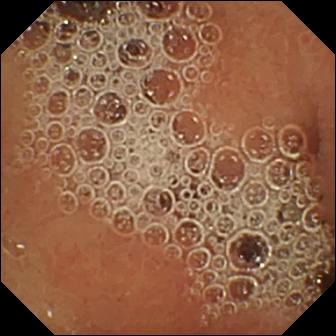VCE frame, 336×336. Normal clean mucosa.